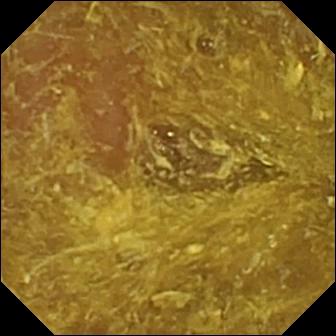Video capsule endoscopy image showing reduced mucosal view (content or bubbles obscuring the mucosa).